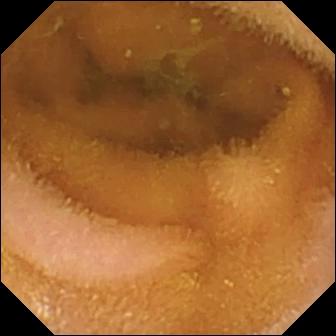Video capsule endoscopy still showing normal clean mucosa.